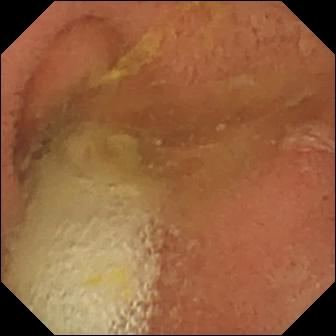VCE frame taken in the pylorus region (where the capsule passes from the stomach into the small bowel).